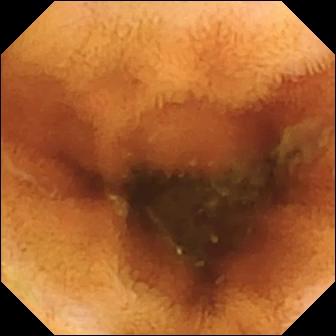modality: wireless capsule endoscopy | segment: small intestine | impression: normal clean mucosa